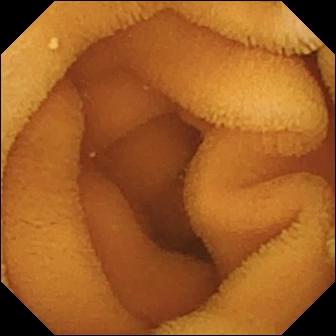modality: video capsule endoscopy; label: normal clean mucosa